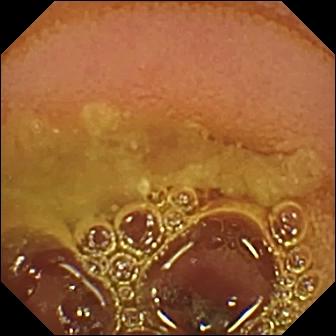Capsule endoscopy frame (small bowel). Normal clean mucosa.